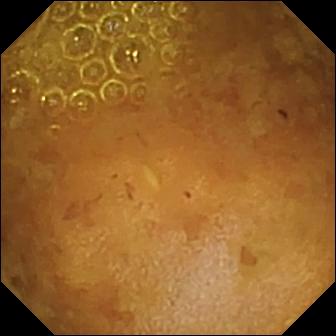Capsule endoscopy still showing reduced mucosal view (content or bubbles obscuring the mucosa).